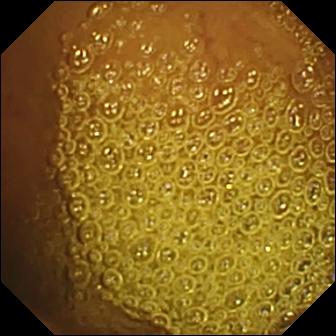Normal clean mucosa.